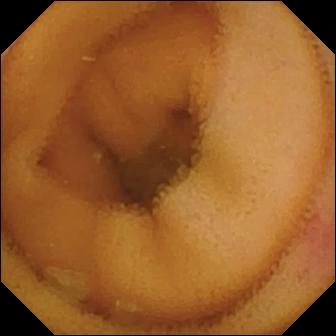Angiectasia.